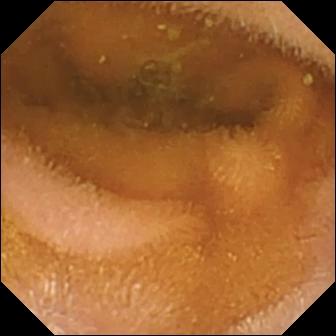Small-bowel capsule endoscopy image, 336×336. Normal clean mucosa.